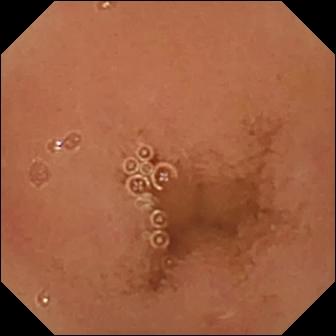PROCEDURE: Small-bowel capsule endoscopy.
FINDINGS: Normal clean mucosa.